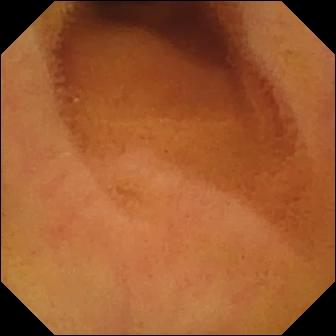This WCE frame shows normal clean mucosa.